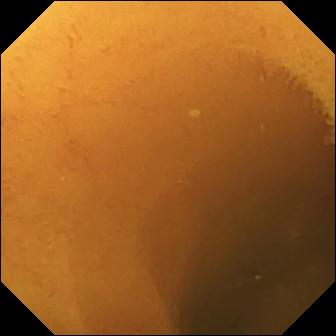Wireless capsule endoscopy snapshot showing normal clean mucosa.